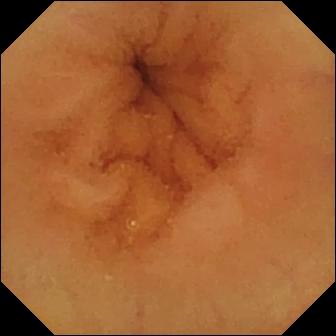This small-bowel capsule endoscopy snapshot of the small intestine shows normal clean mucosa.